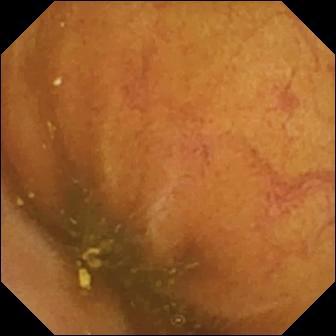Video capsule endoscopy view. Taken in the ileo-cecal valve region (the transition from the small bowel to the large bowel).